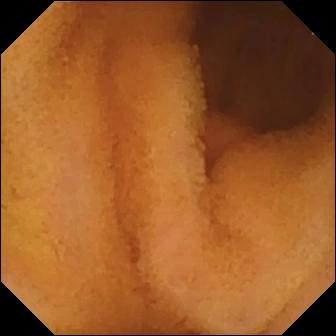Normal clean mucosa (336×336).